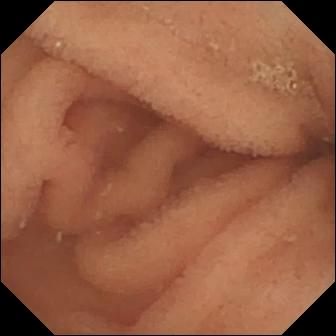Small-bowel capsule endoscopy. Small bowel. Observation: normal clean mucosa.